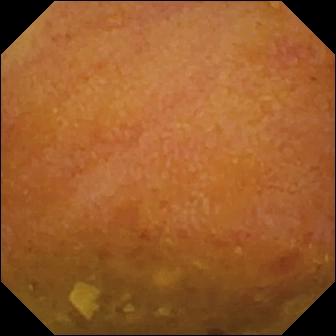{"modality": "video capsule endoscopy", "segment": "small intestine", "finding": "reduced mucosal view (content or bubbles obscuring the mucosa)"}